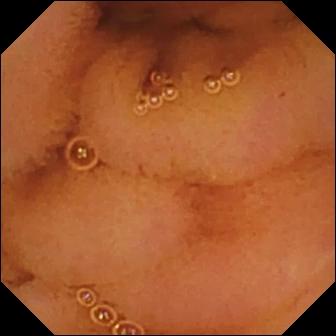{"modality": "wireless capsule endoscopy", "finding": "normal clean mucosa"}